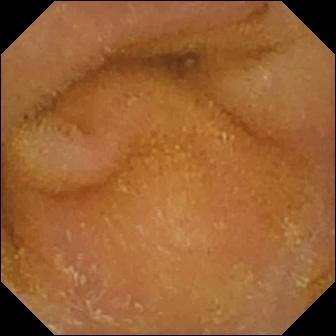Capsule endoscopy image showing normal clean mucosa.